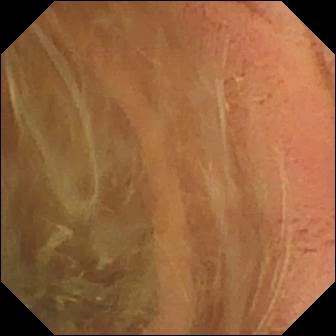Pylorus region (the junction between the stomach and the small bowel) — small-bowel capsule endoscopy still.